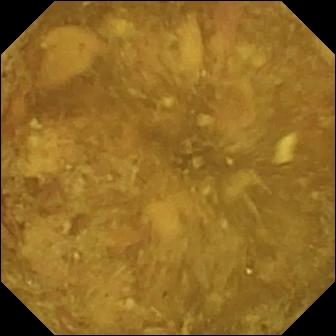- modality: small-bowel capsule endoscopy
- segment: small intestine
- category: luminal finding
- label: reduced mucosal view (content or bubbles obscuring the mucosa)